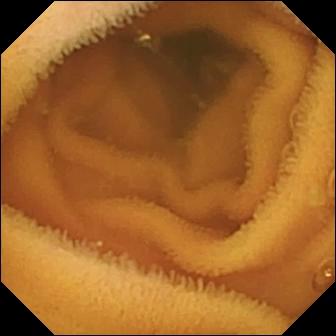Small-bowel capsule endoscopy still (small bowel). Normal clean mucosa.